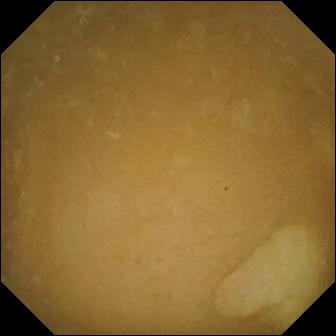Video capsule endoscopy snapshot taken in the ileo-cecal valve region (where the capsule passes from the small bowel into the large bowel).